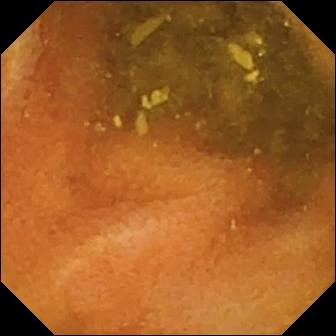Video capsule endoscopy still, small bowel
Observation: normal clean mucosa